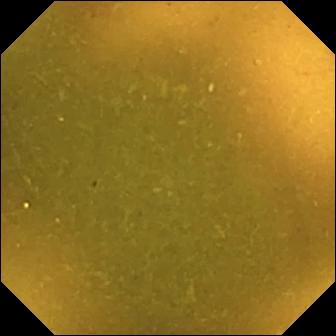- modality: capsule endoscopy
- label: ileo-cecal valve region (where the capsule passes from the small bowel into the large bowel)